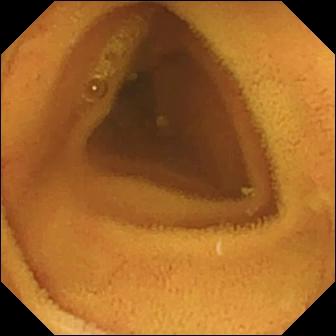Small-bowel capsule endoscopy view (small bowel). Normal clean mucosa.